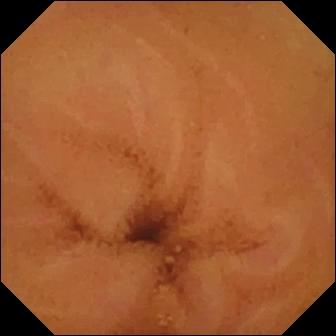VCE. Small bowel. Luminal finding. Label: normal clean mucosa.